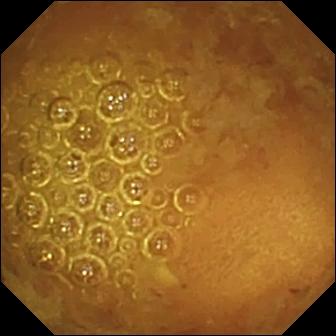Reduced mucosal view (content or bubbles obscuring the mucosa) — WCE still.